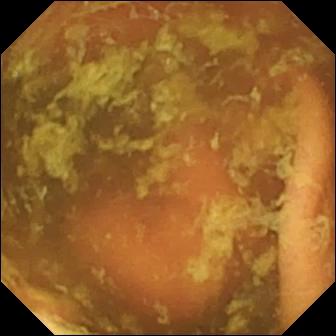Wireless capsule endoscopy still
Position: ileo-cecal valve region (where the capsule passes from the small bowel into the large bowel)